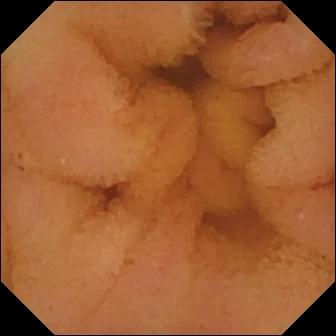Capsule endoscopy — normal clean mucosa.